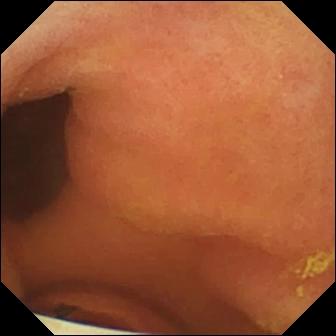This wireless capsule endoscopy frame shows foreign body (e.g. retained capsule, tablet residue).